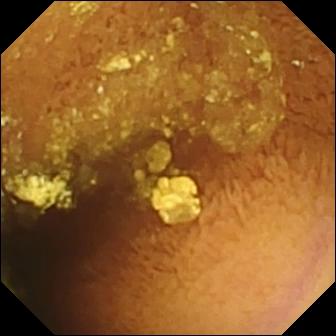WCE snapshot (small bowel). Normal clean mucosa.